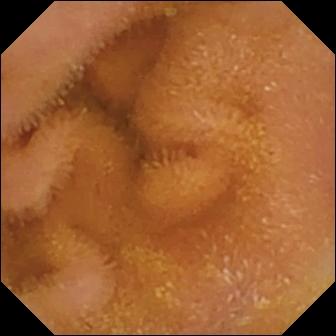modality: WCE; segment: small intestine; label: normal clean mucosa